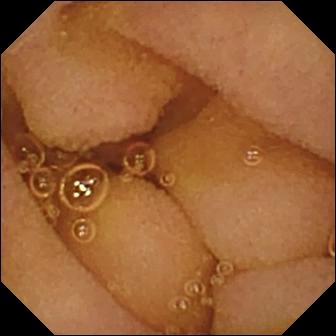PROCEDURE: VCE.
FINDINGS: Normal clean mucosa.